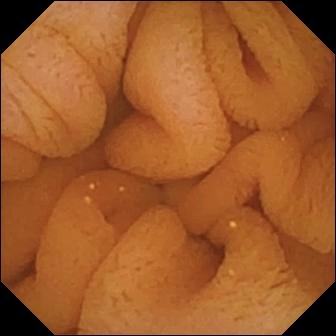Normal clean mucosa.